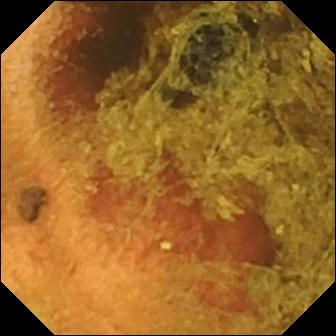- modality: wireless capsule endoscopy
- observation: normal clean mucosa